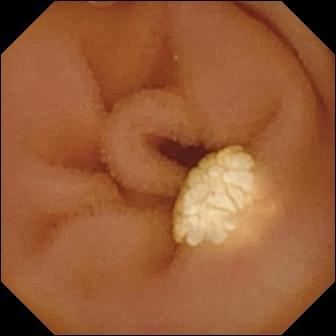VCE. Finding: lymphangiectasia.